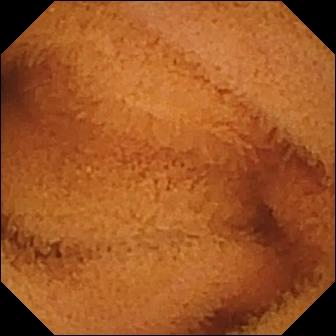WCE snapshot showing normal clean mucosa.